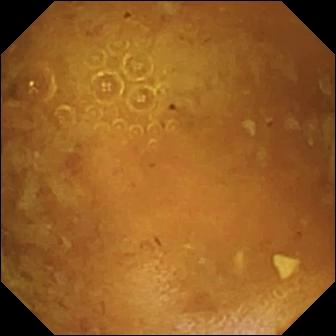Reduced mucosal view (content or bubbles obscuring the mucosa) — VCE image.